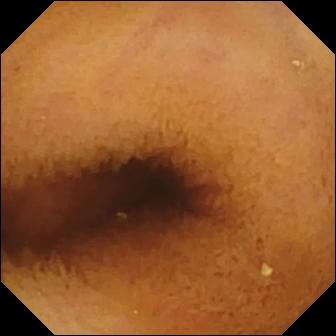- modality: VCE
- segment: small intestine
- category: luminal finding
- impression: normal clean mucosa